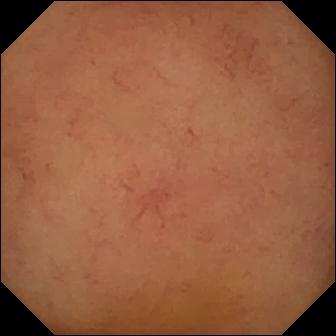VCE snapshot (small bowel). Normal clean mucosa.